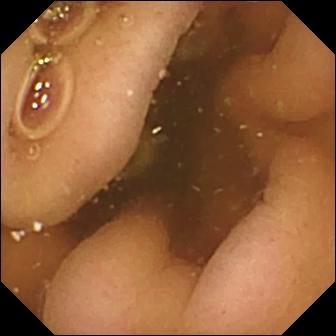WCE. Location: pylorus region (the junction between the stomach and the small bowel).